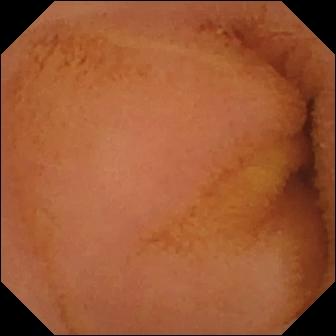Normal clean mucosa (336×336).